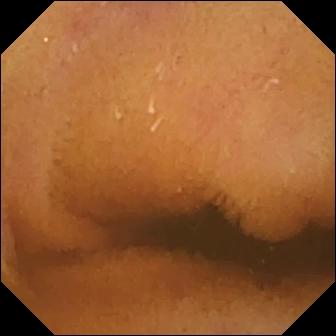Normal clean mucosa (336×336).